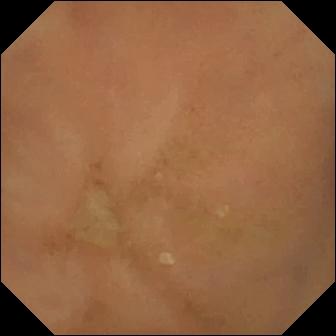Normal clean mucosa — small-bowel capsule endoscopy image of the small intestine.